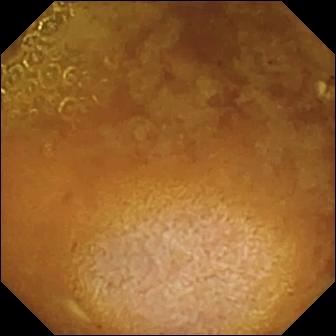{"modality": "WCE", "segment": "small intestine", "finding": "reduced mucosal view (content or bubbles obscuring the mucosa)"}